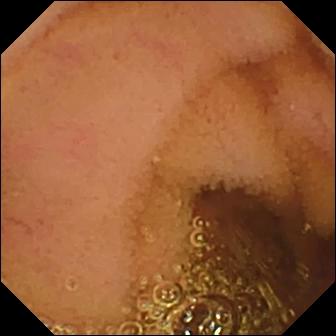Capsule endoscopy view (small intestine). Normal clean mucosa.